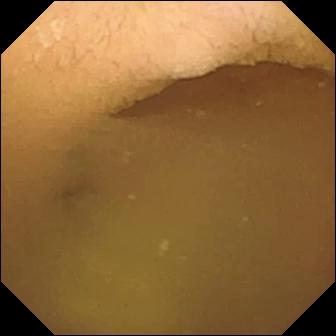Wireless capsule endoscopy. Position: pylorus region (where the capsule passes from the stomach into the small bowel).